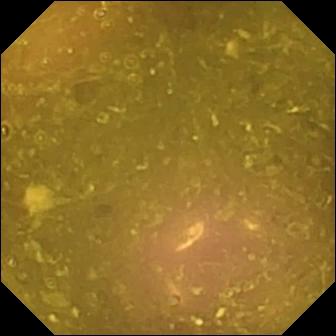Reduced mucosal view (content or bubbles obscuring the mucosa).